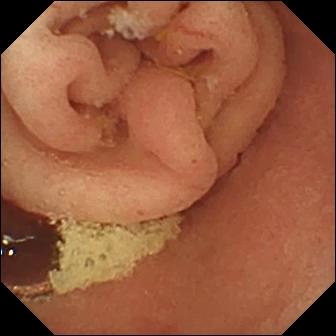Pylorus region (the junction between the stomach and the small bowel) — small-bowel capsule endoscopy snapshot.